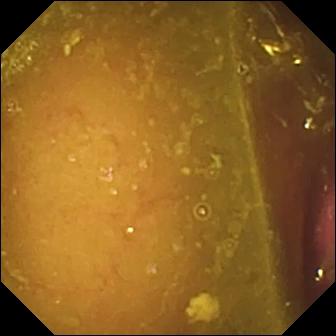Small-bowel capsule endoscopy. Small bowel. Finding: reduced mucosal view (content or bubbles obscuring the mucosa).